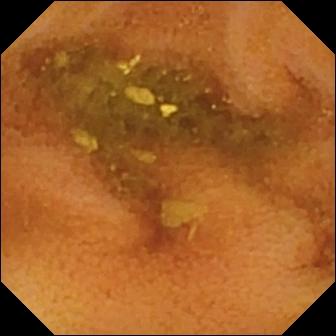PROCEDURE: Capsule endoscopy.
FINDINGS: Normal clean mucosa.